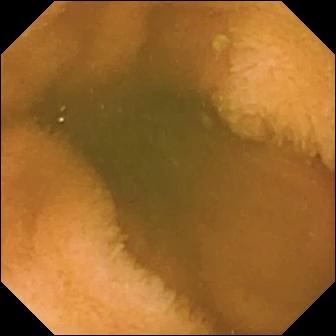- modality: small-bowel capsule endoscopy
- segment: small intestine
- label: normal clean mucosa